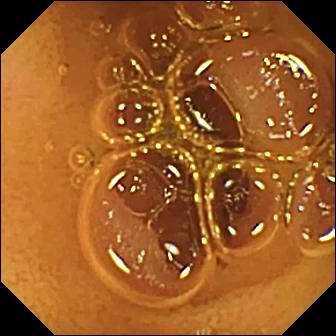PROCEDURE: Wireless capsule endoscopy.
FINDINGS: Normal clean mucosa.